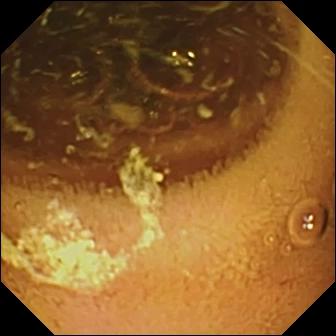{"modality": "capsule endoscopy", "finding": "normal clean mucosa"}